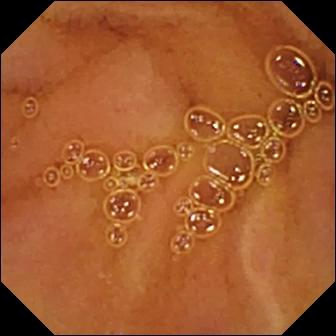PROCEDURE: Video capsule endoscopy.
FINDINGS: Normal clean mucosa.